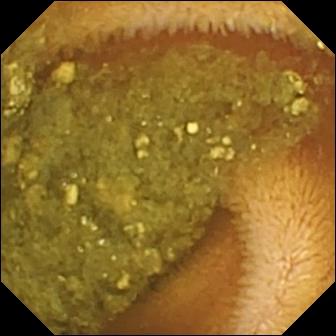VCE frame of the small bowel showing reduced mucosal view (content or bubbles obscuring the mucosa).